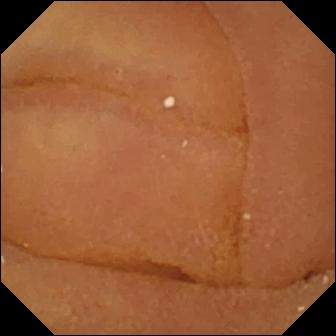This WCE view of the small intestine shows normal clean mucosa.